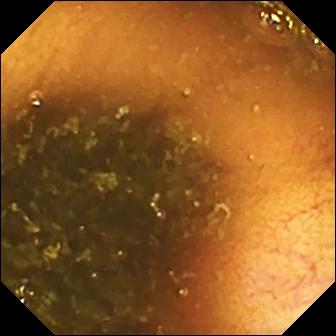Capsule endoscopy still
Location: ileo-cecal valve region (the transition from the small bowel to the large bowel)